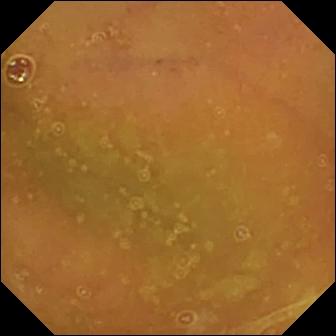{"modality": "small-bowel capsule endoscopy", "segment": "small bowel", "finding": "normal clean mucosa"}